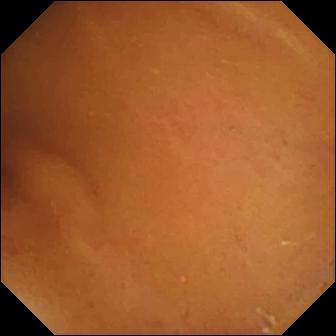Video capsule endoscopy — normal clean mucosa.